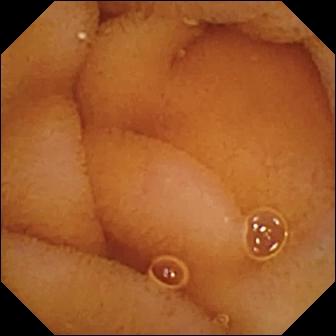PROCEDURE: Wireless capsule endoscopy.
SEGMENT: Small intestine.
FINDINGS: Normal clean mucosa.